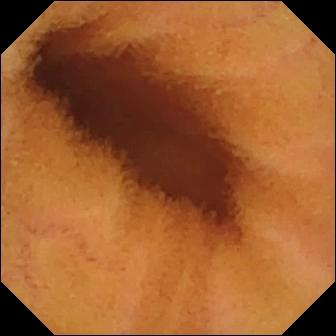VCE view
Observation: normal clean mucosa